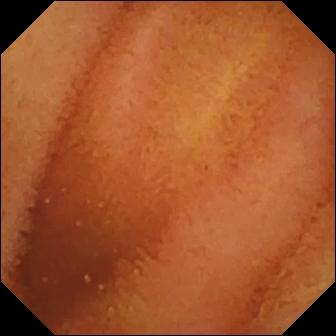Video capsule endoscopy frame showing normal clean mucosa.